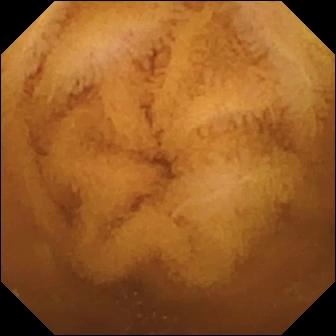Capsule endoscopy — normal clean mucosa.